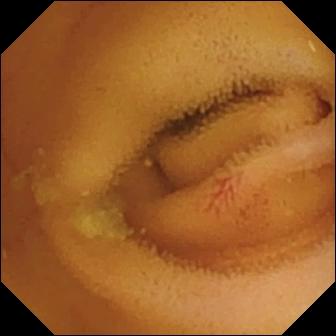Q: What does this VCE still show?
A: Angiectasia.